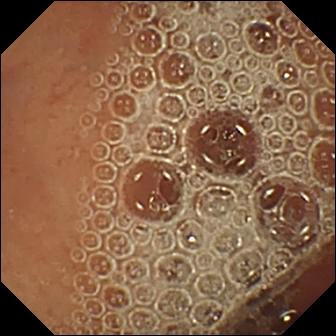Wireless capsule endoscopy snapshot showing normal clean mucosa.